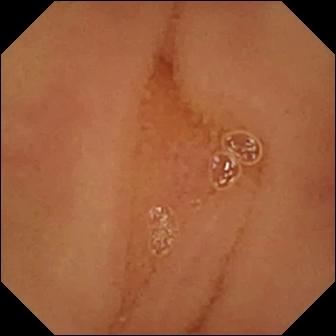PROCEDURE: WCE.
FINDINGS: Normal clean mucosa.